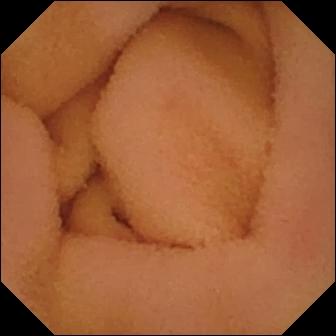VCE image of the small intestine showing normal clean mucosa.